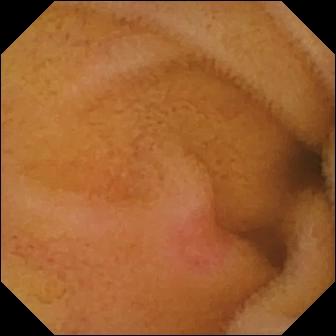Erythema (mucosal redness) — wireless capsule endoscopy frame.